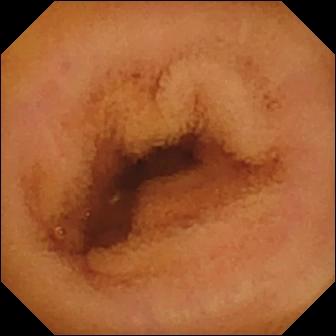Normal clean mucosa.